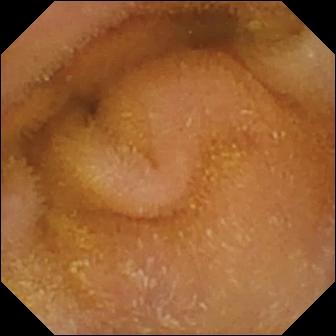VCE frame
Finding: normal clean mucosa